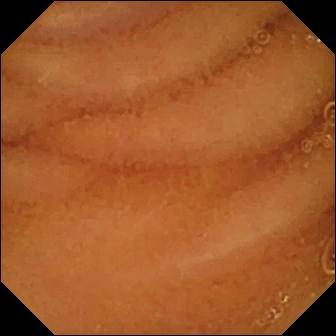Video capsule endoscopy — normal clean mucosa.